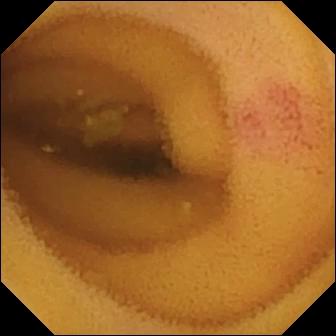VCE. Observation: angiectasia.